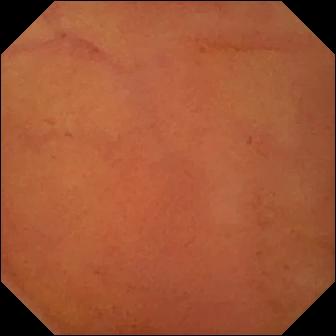Capsule endoscopy. Small intestine. Luminal finding. Label: normal clean mucosa.